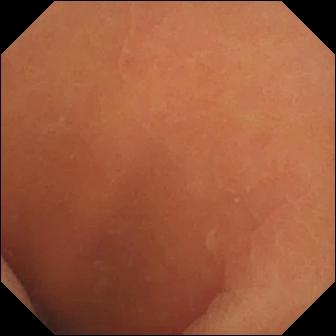- modality: video capsule endoscopy
- label: normal clean mucosa